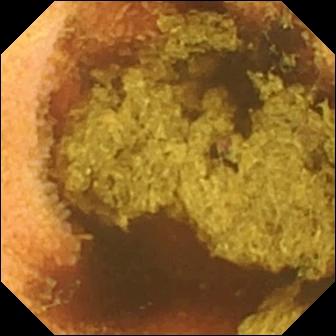{"modality": "wireless capsule endoscopy", "finding": "normal clean mucosa"}